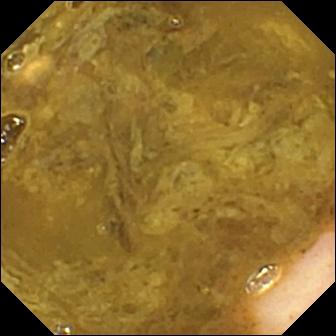- modality: wireless capsule endoscopy
- video segment: ileo-cecal valve region (where the capsule passes from the small bowel into the large bowel)